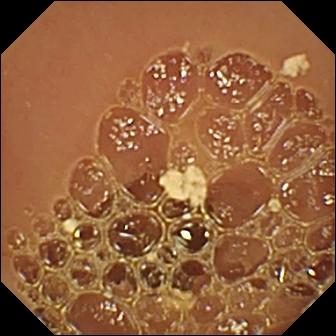- modality: video capsule endoscopy
- segment: small bowel
- impression: normal clean mucosa